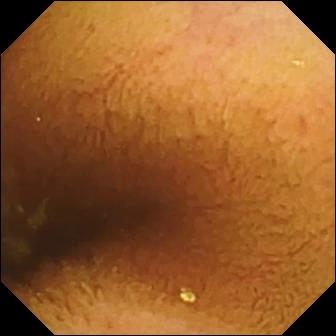- modality: small-bowel capsule endoscopy
- segment: small intestine
- observation: normal clean mucosa